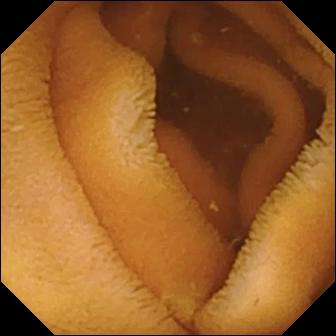Capsule endoscopy still, small intestine
Impression: normal clean mucosa